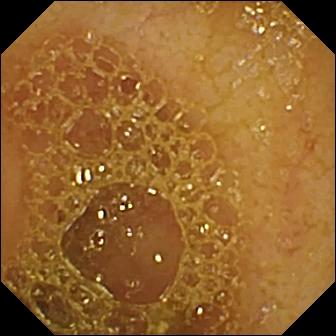Ileo-cecal valve region — VCE view.